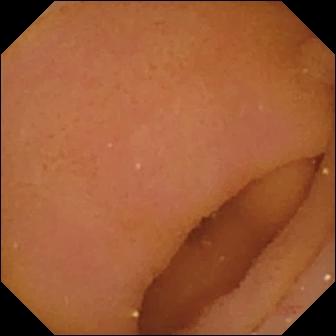Small-bowel capsule endoscopy — pylorus region.